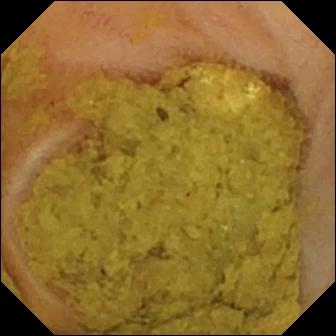{"modality": "WCE", "position": "ileo-cecal valve region"}